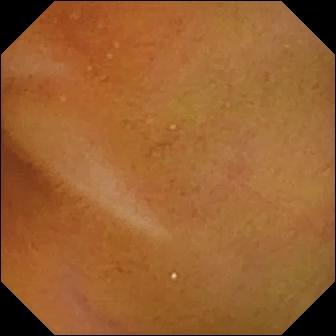Small-bowel capsule endoscopy image (small bowel). Normal clean mucosa.